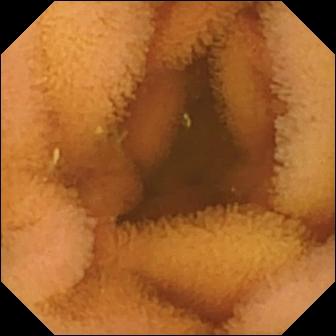Normal clean mucosa — VCE view.